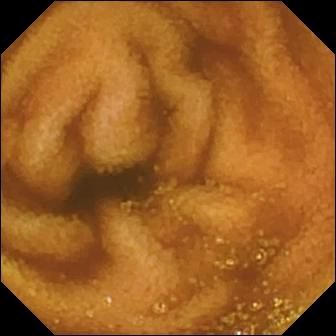VCE. Observation: normal clean mucosa.